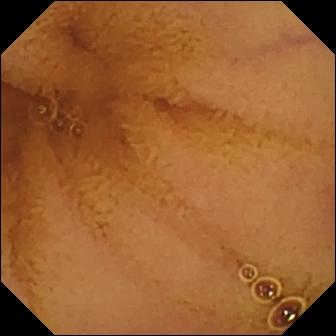{"modality": "small-bowel capsule endoscopy", "segment": "small bowel", "category": "luminal finding", "finding": "normal clean mucosa"}